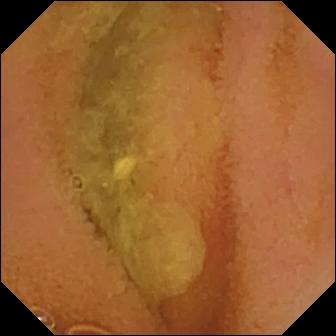VCE frame
Label: normal clean mucosa